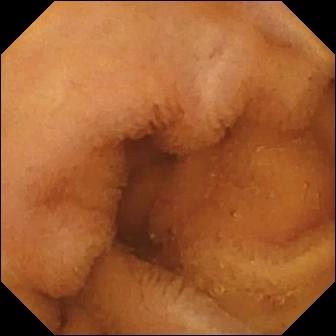Capsule endoscopy image, 336×336. Normal clean mucosa.